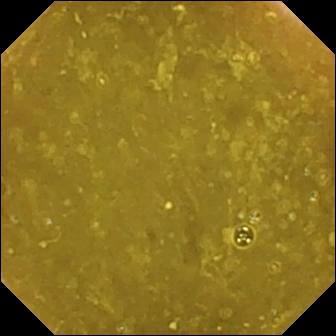Q: Where in the digestive tract was this capsule endoscopy still taken?
A: Ileo-cecal valve region.